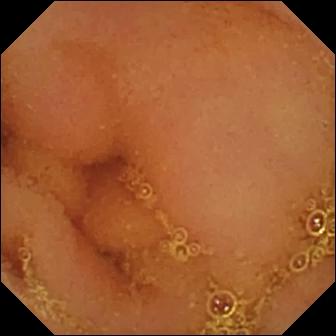Video capsule endoscopy view (small intestine), 336×336. Normal clean mucosa.